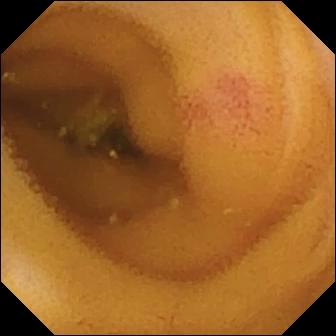This capsule endoscopy view shows angiectasia.